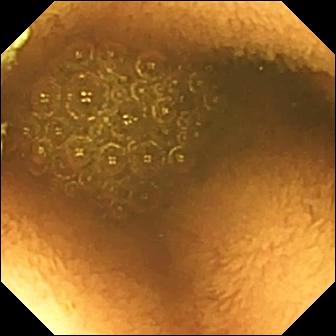PROCEDURE: Small-bowel capsule endoscopy.
SEGMENT: Small bowel.
FINDINGS: Reduced mucosal view (content or bubbles obscuring the mucosa).